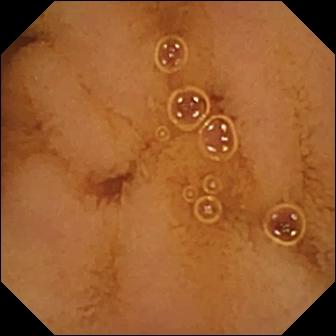VCE view (small bowel). Normal clean mucosa.